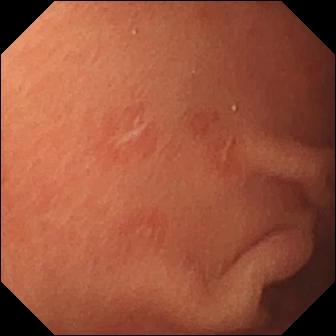PROCEDURE: WCE.
FINDINGS: Erosion.